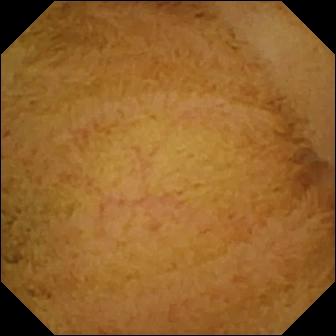Normal clean mucosa (336×336).